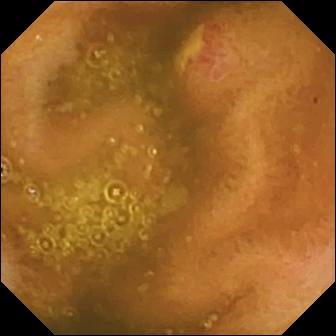Ulcer.